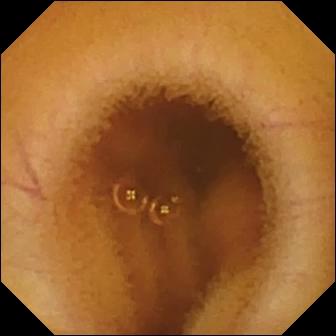Capsule endoscopy still showing normal clean mucosa.